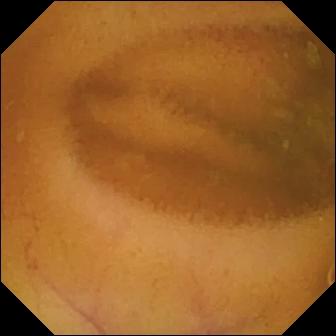PROCEDURE: Small-bowel capsule endoscopy.
FINDINGS: Normal clean mucosa.